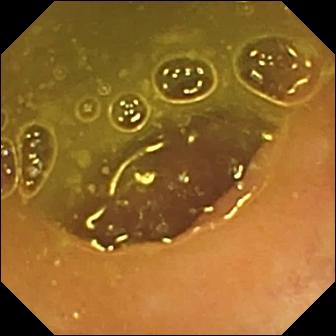Small-bowel capsule endoscopy. Location: ileo-cecal valve region.